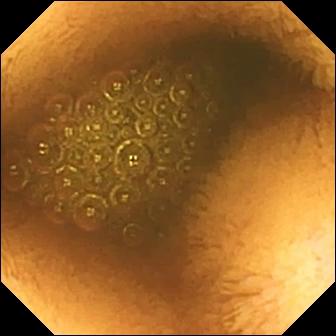modality: WCE; segment: small intestine; category: luminal finding; label: reduced mucosal view (content or bubbles obscuring the mucosa)